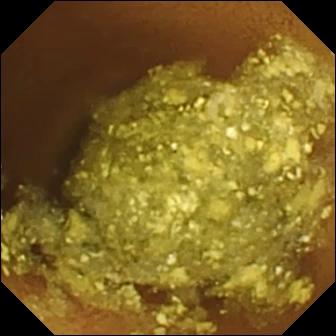Capsule endoscopy still of the small intestine showing normal clean mucosa.